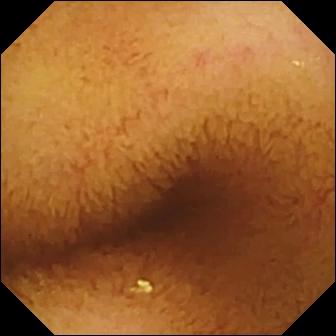Wireless capsule endoscopy view showing normal clean mucosa.